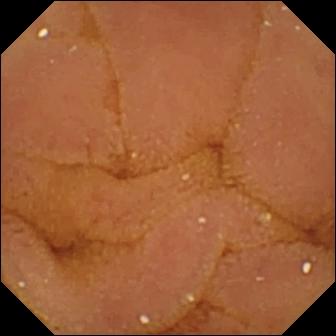Small-bowel capsule endoscopy snapshot showing normal clean mucosa.